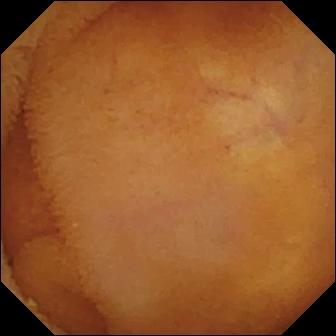Capsule endoscopy still, small bowel
Impression: normal clean mucosa